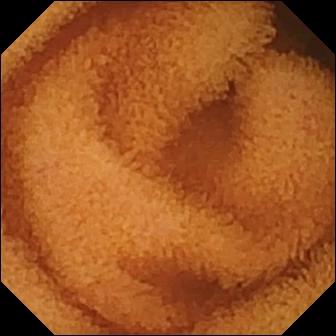VCE image of the small intestine showing normal clean mucosa.